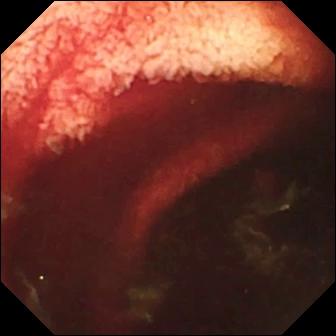Small-bowel capsule endoscopy. Label: fresh blood in the lumen.